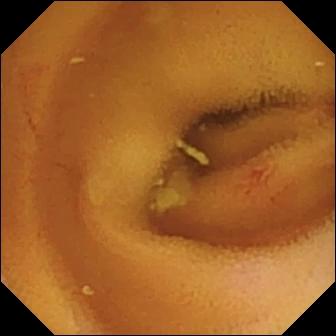Capsule endoscopy still
Finding: angiectasia